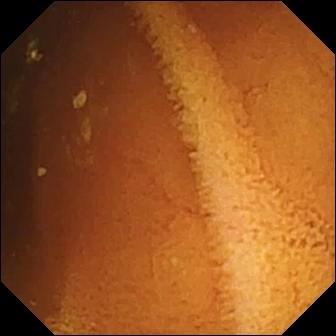Normal clean mucosa.